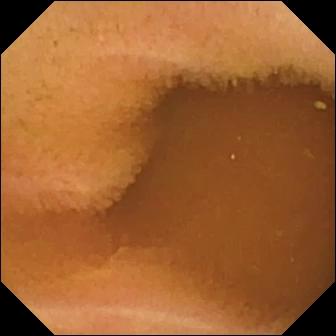WCE — normal clean mucosa.